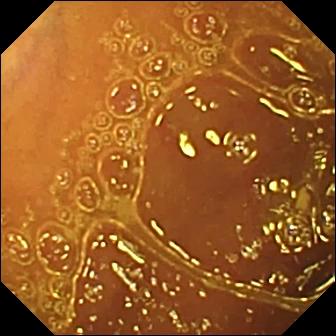Wireless capsule endoscopy. Label: normal clean mucosa.